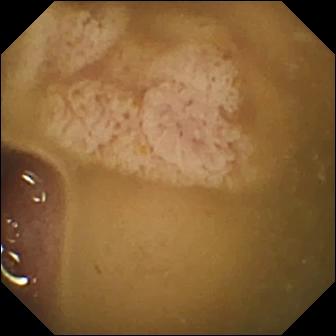PROCEDURE: Wireless capsule endoscopy.
POSITION: Ileo-cecal valve region (the transition from the small bowel to the large bowel).